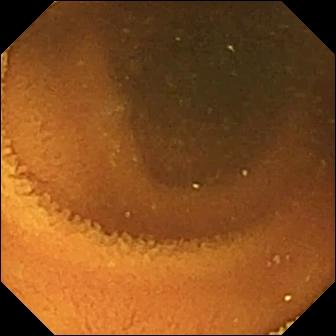Normal clean mucosa — video capsule endoscopy image of the small intestine.